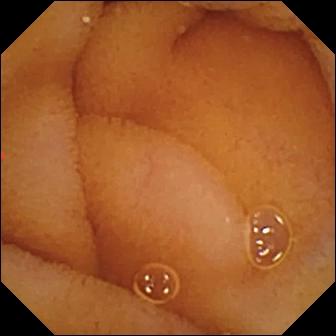modality: VCE | segment: small bowel | category: luminal finding | observation: normal clean mucosa